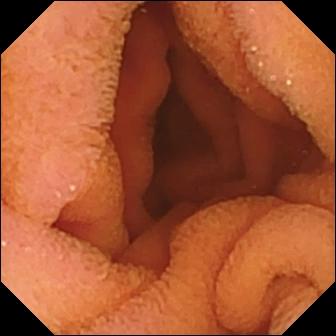VCE frame. Normal clean mucosa.